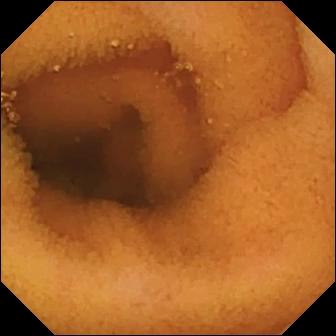{"modality": "VCE", "finding": "normal clean mucosa"}